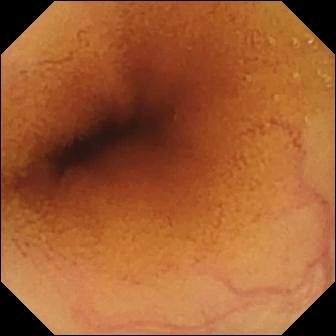Normal clean mucosa.